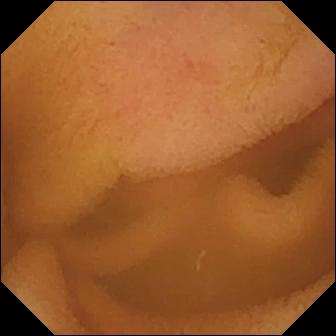Q: What does this wireless capsule endoscopy view show?
A: Normal clean mucosa.